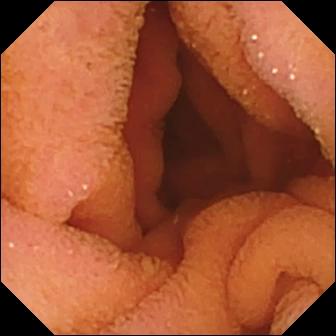Video capsule endoscopy — normal clean mucosa.